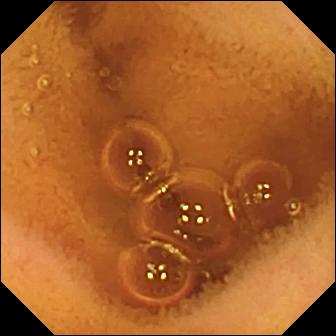VCE. Luminal finding. Impression: normal clean mucosa.